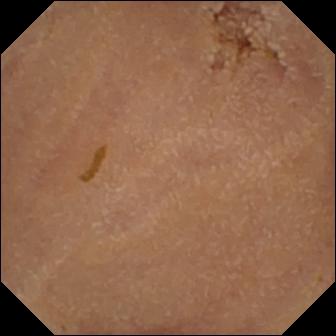VCE frame (small bowel). Normal clean mucosa.